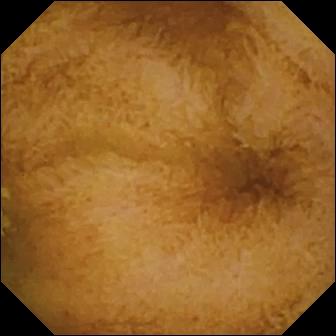Small-bowel capsule endoscopy image showing normal clean mucosa.